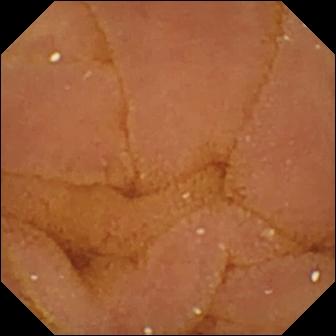PROCEDURE: Video capsule endoscopy.
FINDINGS: Normal clean mucosa.